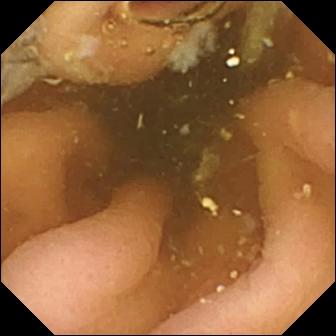Pylorus region (the junction between the stomach and the small bowel) — VCE frame.